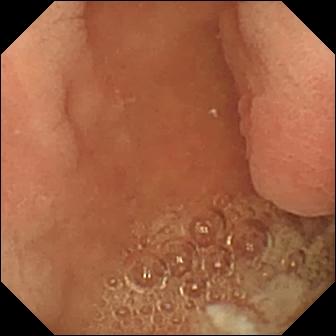Pylorus region (where the capsule passes from the stomach into the small bowel), 336×336.